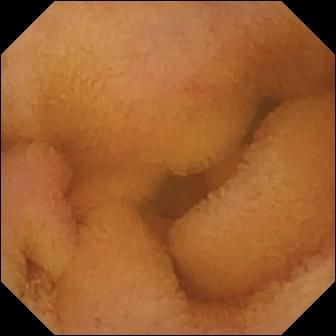Small-bowel capsule endoscopy — normal clean mucosa.